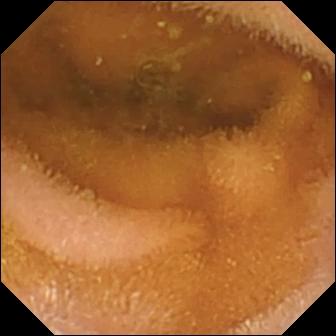This small-bowel capsule endoscopy image of the small bowel shows normal clean mucosa.